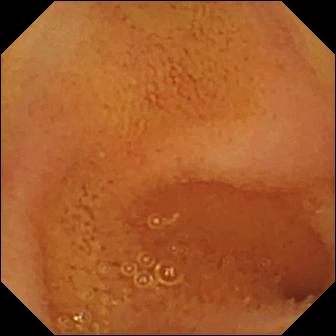Wireless capsule endoscopy frame showing normal clean mucosa.